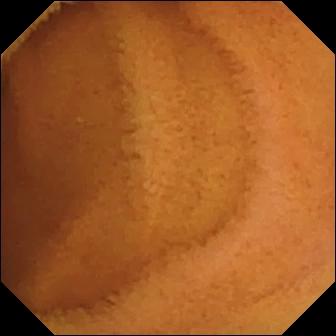Wireless capsule endoscopy frame, small bowel
Finding: normal clean mucosa